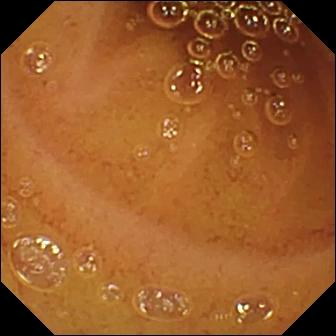- modality: VCE
- segment: small bowel
- observation: normal clean mucosa